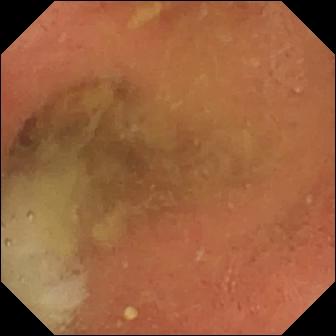Small-bowel capsule endoscopy frame
Position: pylorus region